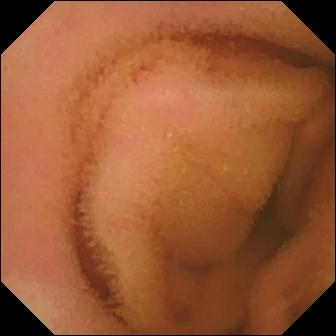PROCEDURE: VCE.
SEGMENT: Small intestine.
FINDINGS: Normal clean mucosa.